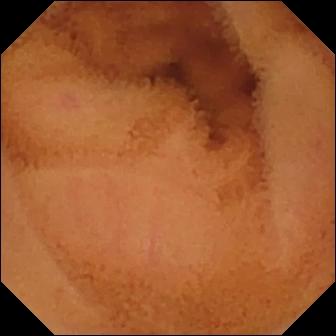- modality: small-bowel capsule endoscopy
- observation: normal clean mucosa